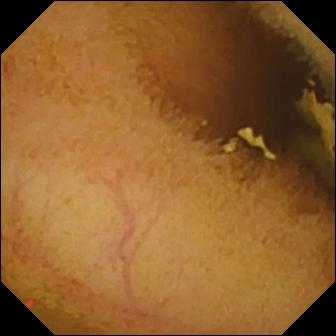Wireless capsule endoscopy — normal clean mucosa.